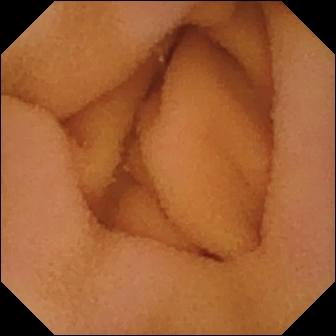PROCEDURE: Wireless capsule endoscopy.
SEGMENT: Small intestine.
FINDINGS: Normal clean mucosa.